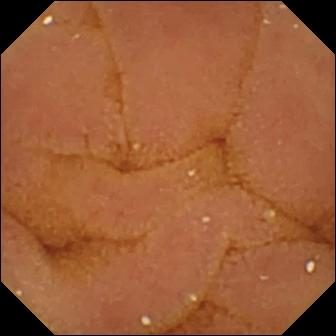PROCEDURE: VCE.
SEGMENT: Small bowel.
FINDINGS: Normal clean mucosa.